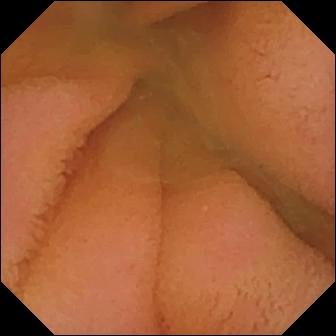- modality: capsule endoscopy
- category: luminal finding
- label: normal clean mucosa